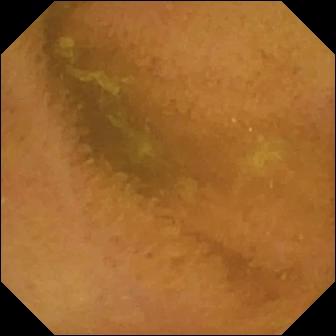{"modality": "video capsule endoscopy", "finding": "normal clean mucosa"}